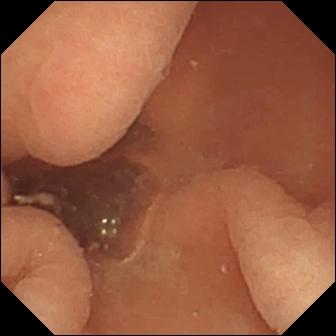PROCEDURE: VCE.
FINDINGS: Normal clean mucosa.